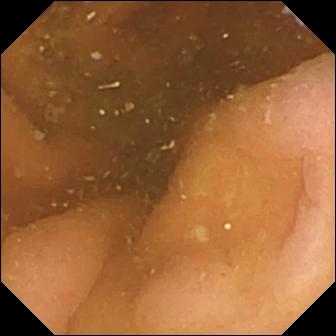This VCE image was taken in the pylorus region (the junction between the stomach and the small bowel).